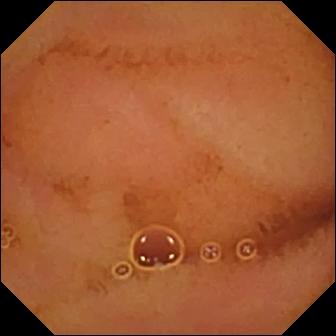Q: What does this video capsule endoscopy frame show?
A: Normal clean mucosa.